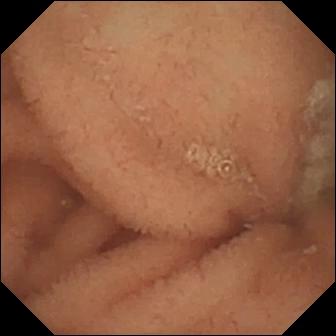Wireless capsule endoscopy still (small intestine). Normal clean mucosa.